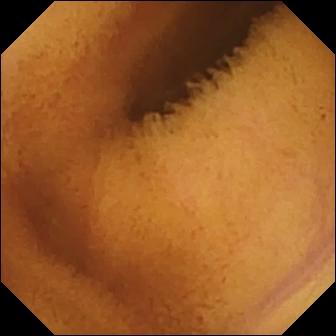VCE. Small bowel. Observation: normal clean mucosa.